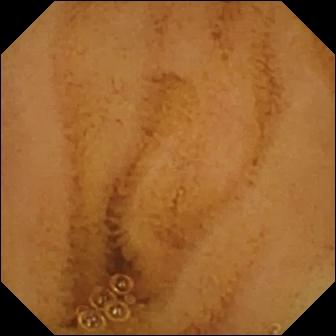VCE — normal clean mucosa.